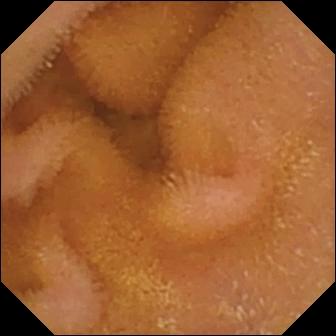Wireless capsule endoscopy still, small intestine
Label: normal clean mucosa